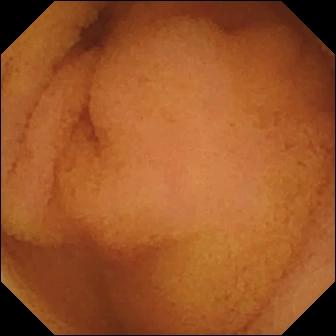- modality: WCE
- label: normal clean mucosa